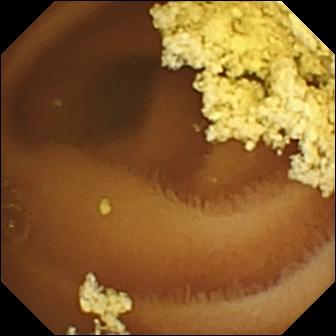Capsule endoscopy frame of the small bowel showing normal clean mucosa.